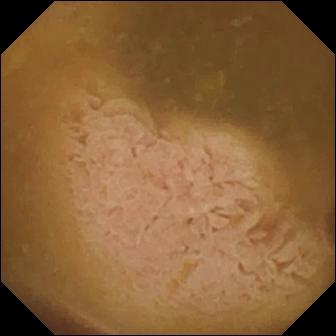modality: WCE; category: anatomical landmark; location: ileo-cecal valve region (the transition from the small bowel to the large bowel)